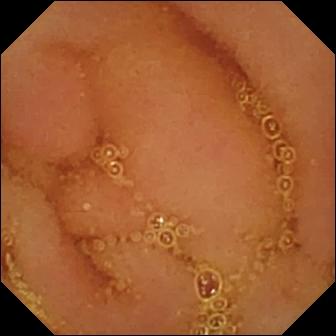Q: What does this video capsule endoscopy image of the small intestine show?
A: Normal clean mucosa.